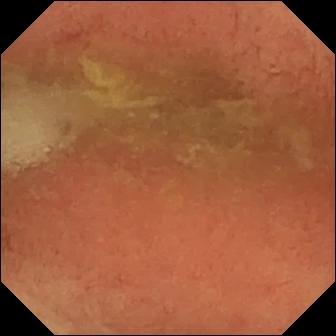PROCEDURE: Small-bowel capsule endoscopy.
POSITION: Pylorus region (where the capsule passes from the stomach into the small bowel).